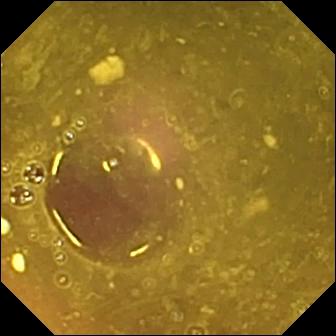Reduced mucosal view (content or bubbles obscuring the mucosa).